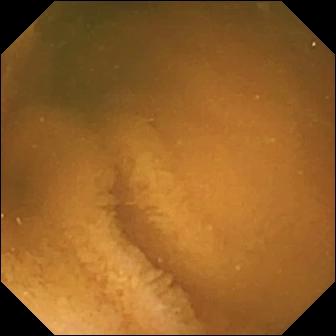VCE frame, small bowel
Observation: normal clean mucosa